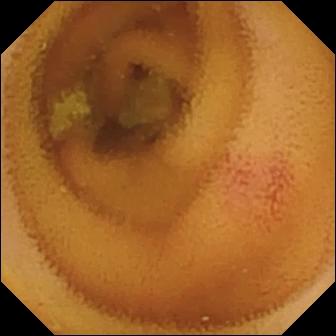{"modality": "small-bowel capsule endoscopy", "finding": "angiectasia"}